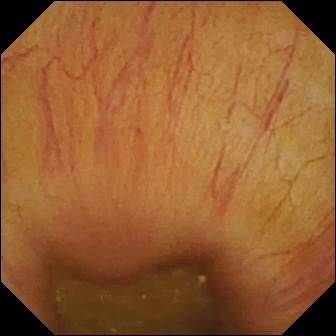Ileo-cecal valve region (where the capsule passes from the small bowel into the large bowel).